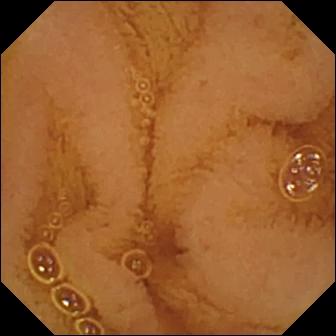Capsule endoscopy. Small bowel. Luminal finding. Label: normal clean mucosa.